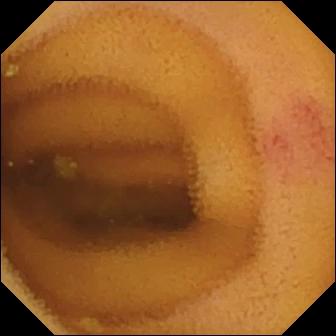Angiectasia.